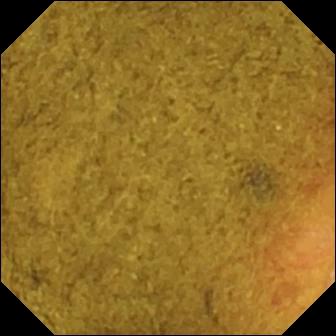PROCEDURE: Capsule endoscopy.
LABEL: Ileo-cecal valve region (the transition from the small bowel to the large bowel).